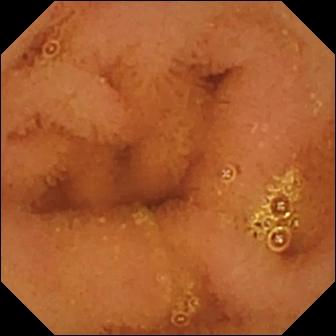Normal clean mucosa.